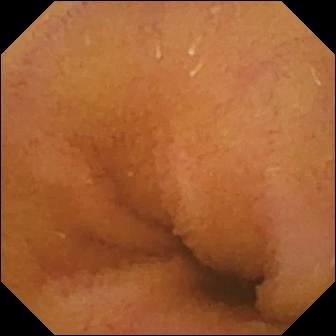This small-bowel capsule endoscopy view of the small bowel shows normal clean mucosa.